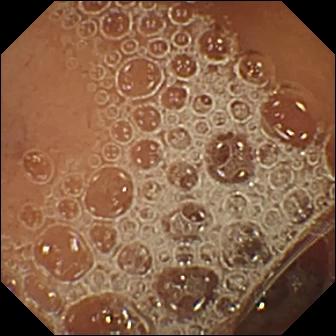Q: What does this video capsule endoscopy still show?
A: Normal clean mucosa.